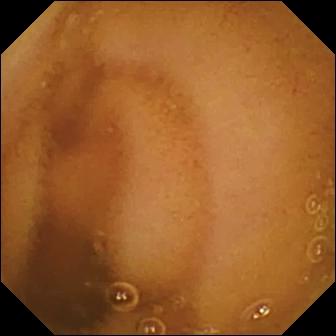Capsule endoscopy — normal clean mucosa.